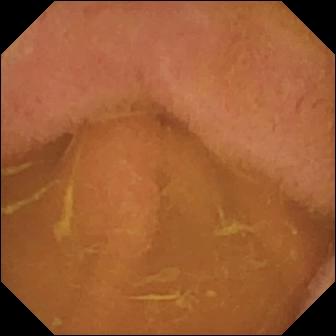Small-bowel capsule endoscopy frame showing normal clean mucosa.